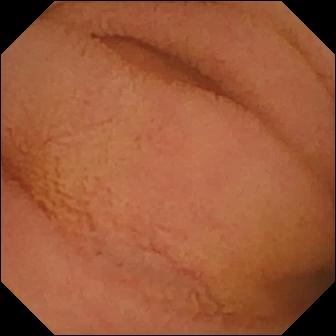Normal clean mucosa — capsule endoscopy view of the small bowel.